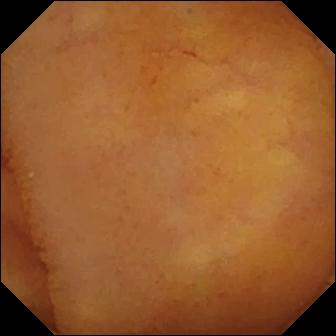WCE. Small intestine. Label: normal clean mucosa.